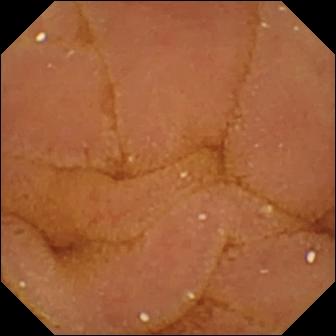- modality: VCE
- segment: small intestine
- finding: normal clean mucosa